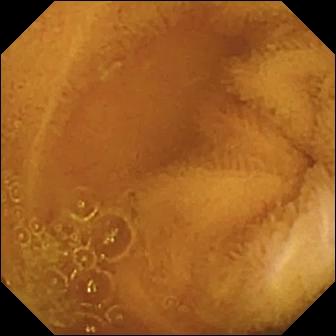PROCEDURE: Capsule endoscopy.
FINDINGS: Normal clean mucosa.